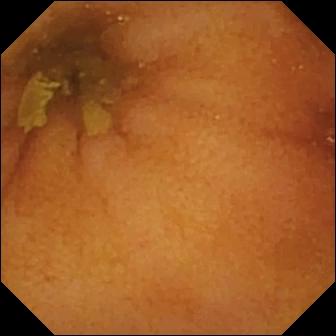Wireless capsule endoscopy — normal clean mucosa.